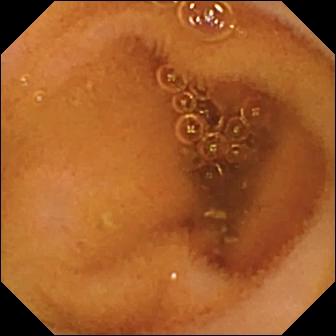Wireless capsule endoscopy. Label: normal clean mucosa.